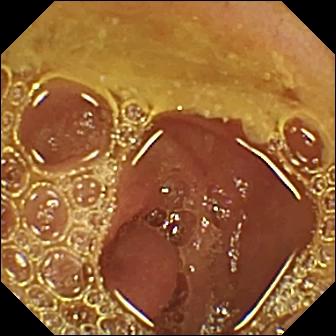Small-bowel capsule endoscopy image showing normal clean mucosa.